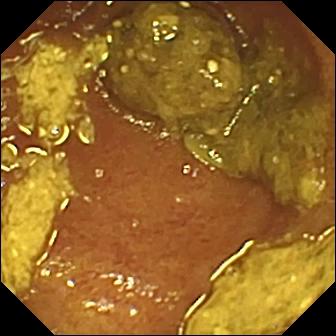Ileo-cecal valve region — small-bowel capsule endoscopy snapshot.